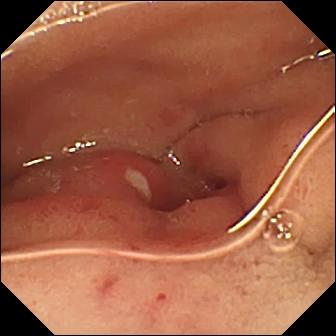- modality: wireless capsule endoscopy
- observation: ulcer